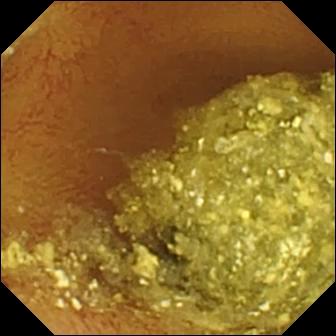modality: wireless capsule endoscopy
segment: small bowel
label: normal clean mucosa